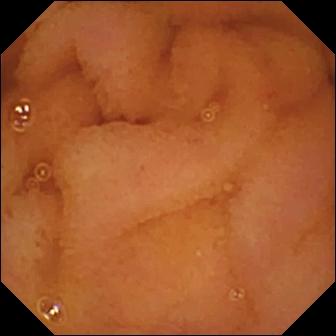Normal clean mucosa — WCE snapshot of the small intestine.